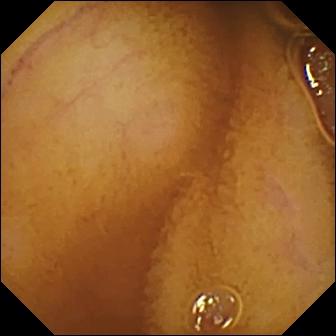WCE still, small intestine
Impression: normal clean mucosa